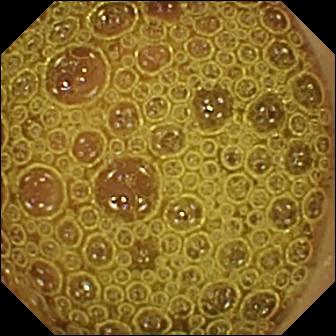Q: What does this small-bowel capsule endoscopy frame of the small bowel show?
A: Normal clean mucosa.